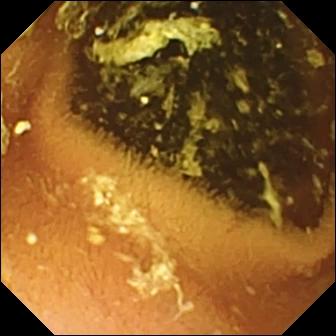Normal clean mucosa — VCE snapshot of the small intestine.